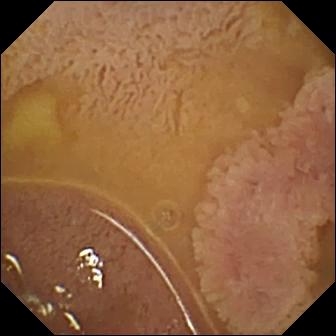Ileo-cecal valve region (the transition from the small bowel to the large bowel).